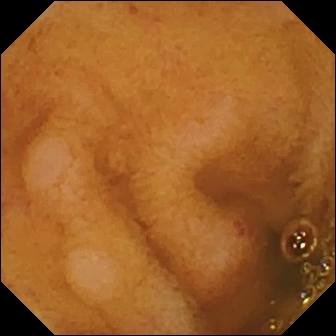Erosion.